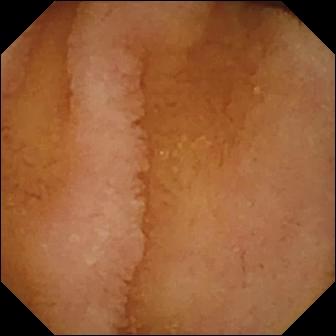{"modality": "WCE", "segment": "small bowel", "finding": "normal clean mucosa"}